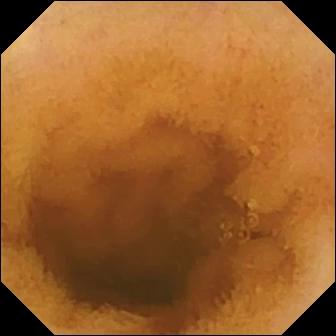Wireless capsule endoscopy. Small intestine. Luminal finding. Impression: normal clean mucosa.